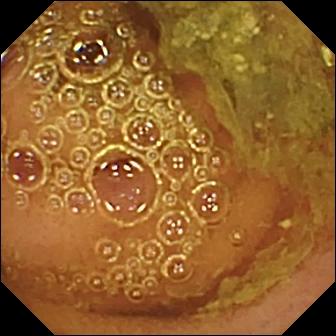Capsule endoscopy image (small intestine). Normal clean mucosa.